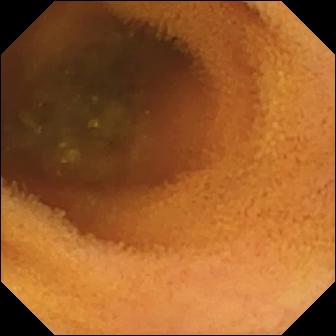Q: What does this wireless capsule endoscopy view of the small bowel show?
A: Normal clean mucosa.